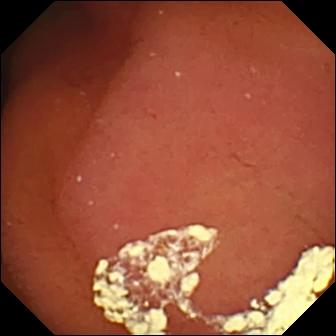Capsule endoscopy. Near an anatomical landmark. Label: pylorus region (the junction between the stomach and the small bowel).